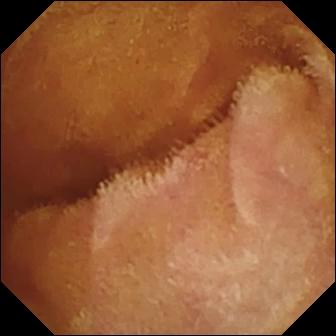Normal clean mucosa (336×336).